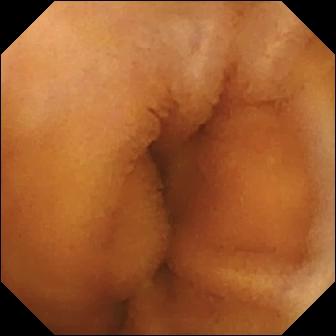Small-bowel capsule endoscopy image (small bowel), 336×336. Normal clean mucosa.